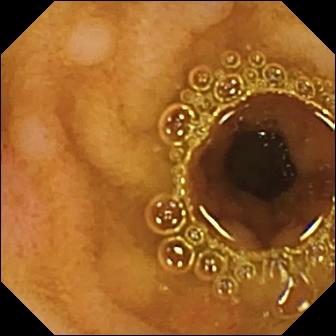This video capsule endoscopy image shows erosion.